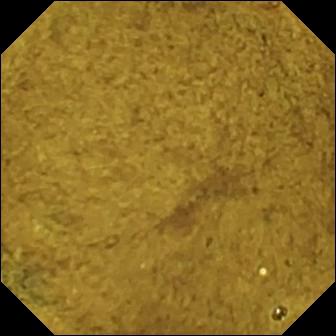Ileo-cecal valve region (where the capsule passes from the small bowel into the large bowel) — capsule endoscopy snapshot.